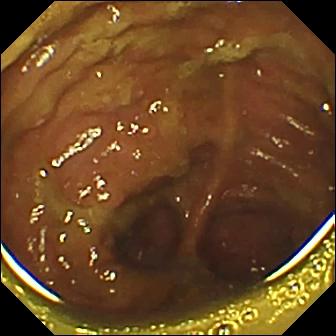VCE still
Video segment: ileo-cecal valve region